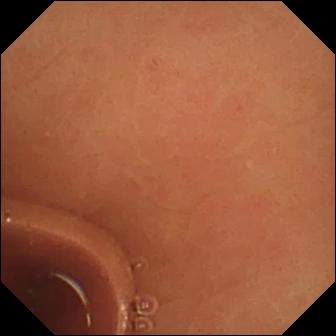PROCEDURE: Video capsule endoscopy.
FINDINGS: Normal clean mucosa.